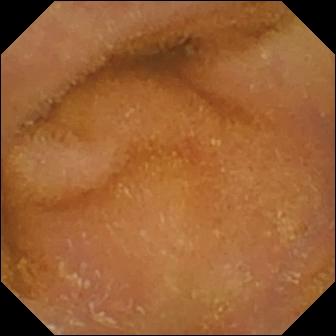PROCEDURE: Capsule endoscopy.
SEGMENT: Small bowel.
FINDINGS: Normal clean mucosa.